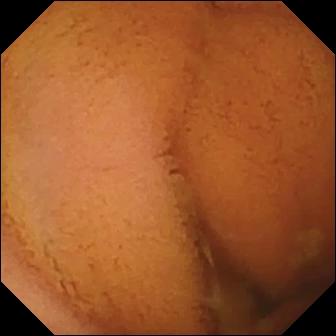Video capsule endoscopy view showing normal clean mucosa.